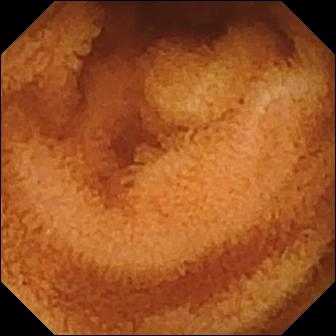PROCEDURE: VCE.
SEGMENT: Small intestine.
FINDINGS: Normal clean mucosa.